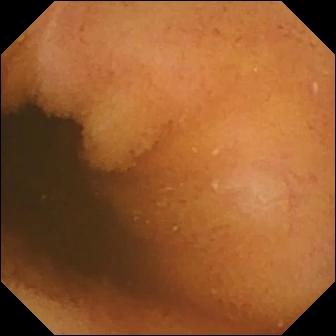This small-bowel capsule endoscopy still of the small bowel shows normal clean mucosa.